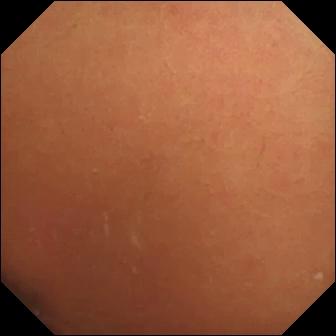Normal clean mucosa — wireless capsule endoscopy still.